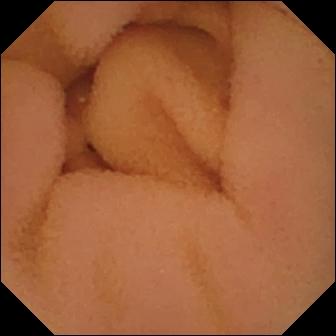Q: What does this WCE still of the small bowel show?
A: Normal clean mucosa.